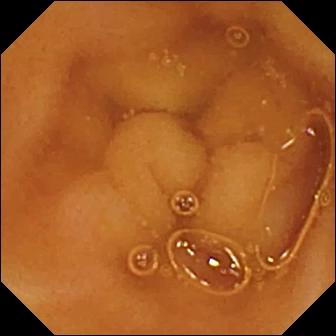VCE snapshot showing normal clean mucosa.